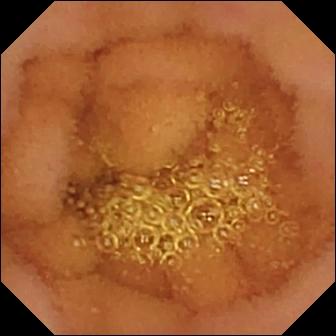PROCEDURE: VCE.
SEGMENT: Small bowel.
FINDINGS: Normal clean mucosa.